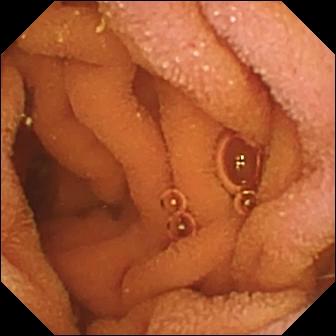Normal clean mucosa — capsule endoscopy frame of the small intestine.